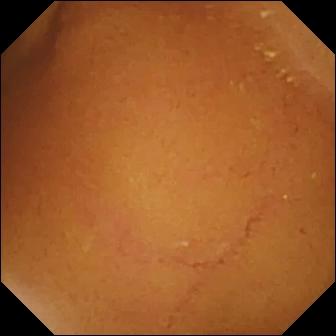PROCEDURE: Video capsule endoscopy.
SEGMENT: Small bowel.
FINDINGS: Normal clean mucosa.